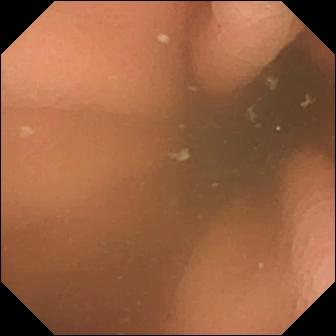modality: capsule endoscopy
category: anatomical landmark
location: pylorus region (the junction between the stomach and the small bowel)